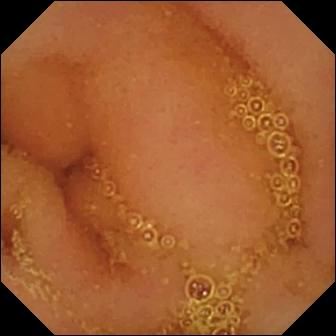PROCEDURE: VCE.
SEGMENT: Small intestine.
FINDINGS: Normal clean mucosa.